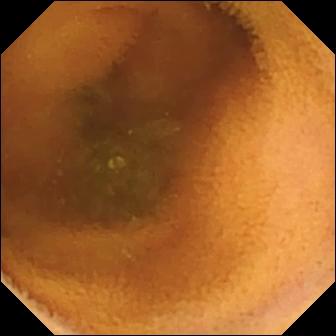Capsule endoscopy — normal clean mucosa.